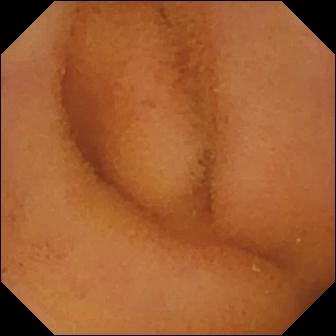PROCEDURE: Capsule endoscopy.
FINDINGS: Normal clean mucosa.